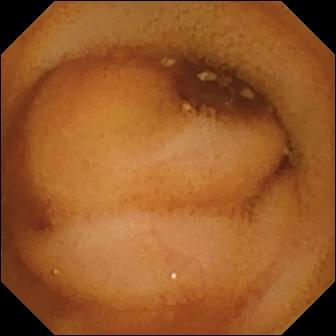Capsule endoscopy frame. Normal clean mucosa.